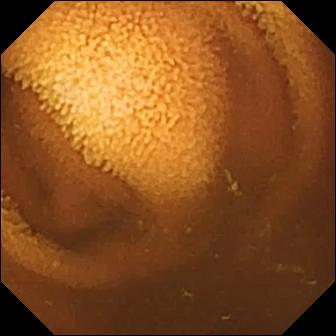Video capsule endoscopy frame, 336×336. Normal clean mucosa.